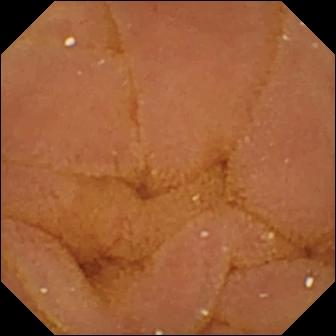Small-bowel capsule endoscopy. Luminal finding. Impression: normal clean mucosa.